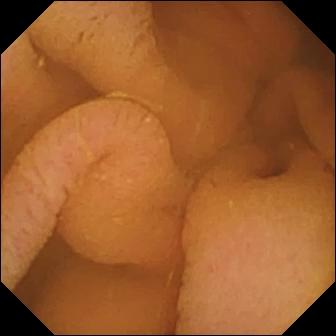- modality: VCE
- segment: small intestine
- finding: normal clean mucosa